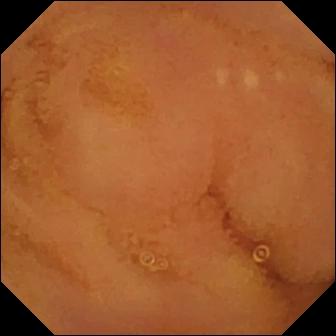Video capsule endoscopy frame, small intestine
Finding: normal clean mucosa